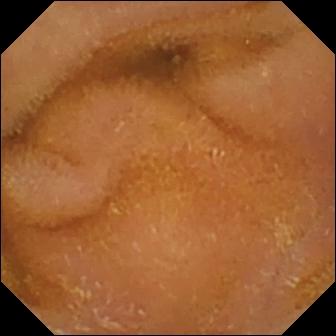Normal clean mucosa — small-bowel capsule endoscopy view.